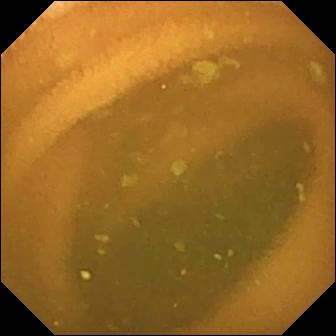- modality: WCE
- observation: normal clean mucosa